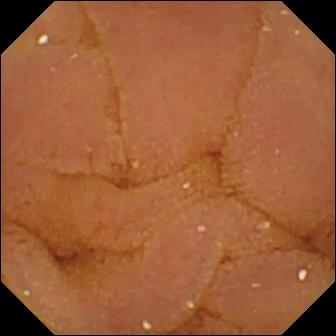WCE still (small intestine), 336×336. Normal clean mucosa.